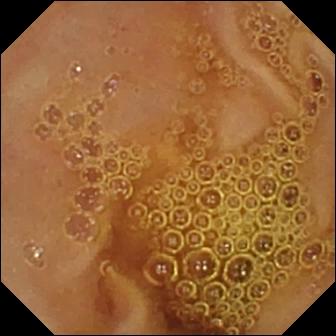modality: capsule endoscopy | segment: small intestine | category: luminal finding | impression: normal clean mucosa